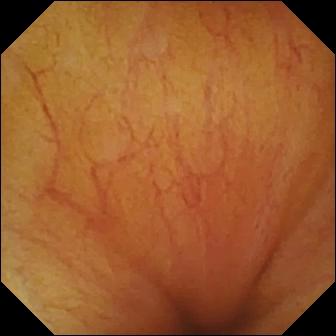Ileo-cecal valve region (where the capsule passes from the small bowel into the large bowel) — video capsule endoscopy frame.